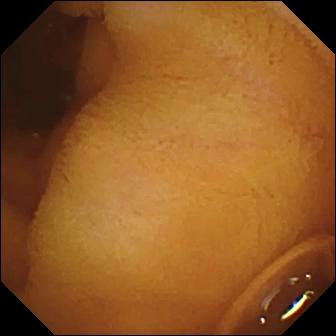modality: VCE
finding: normal clean mucosa